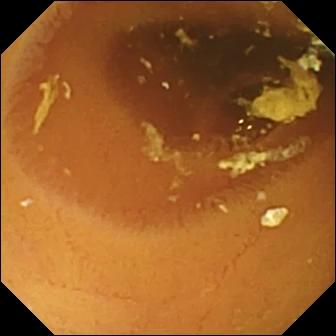WCE snapshot
Impression: normal clean mucosa